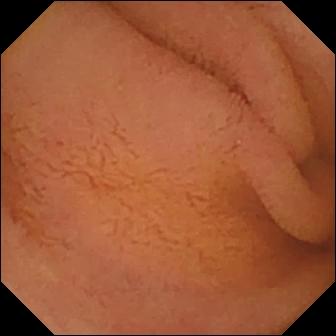This small-bowel capsule endoscopy snapshot shows normal clean mucosa.